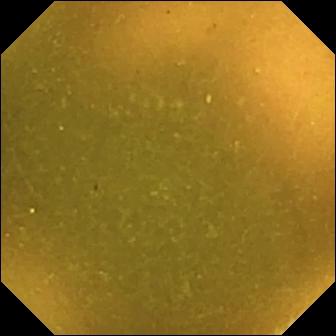Q: Where in the digestive tract was this WCE image taken?
A: Ileo-cecal valve region (where the capsule passes from the small bowel into the large bowel).